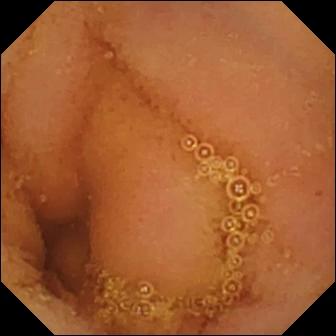Normal clean mucosa — wireless capsule endoscopy snapshot of the small bowel.